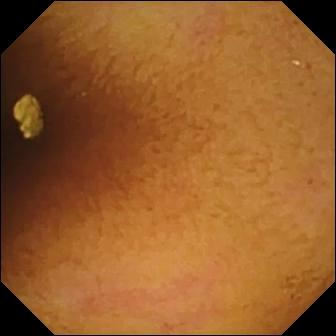modality: small-bowel capsule endoscopy | segment: small intestine | impression: normal clean mucosa